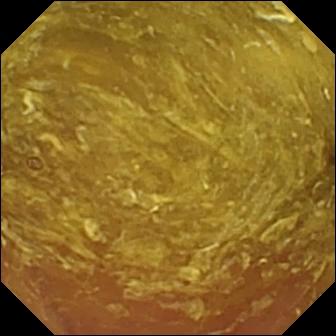Q: What does this VCE snapshot of the small intestine show?
A: Reduced mucosal view (content or bubbles obscuring the mucosa).